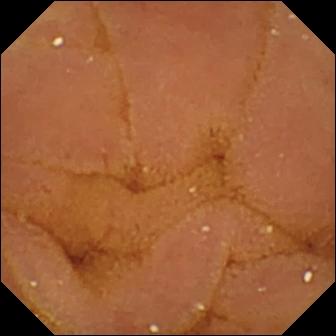modality: video capsule endoscopy
segment: small bowel
finding: normal clean mucosa